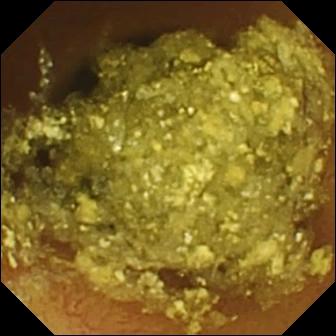Normal clean mucosa (336×336).